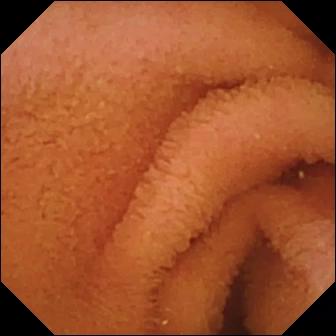Video capsule endoscopy — normal clean mucosa.